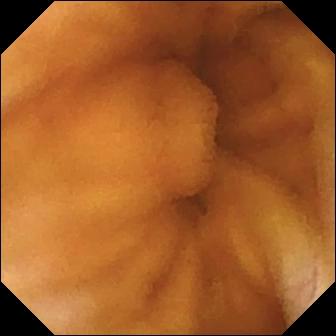This VCE view shows normal clean mucosa.